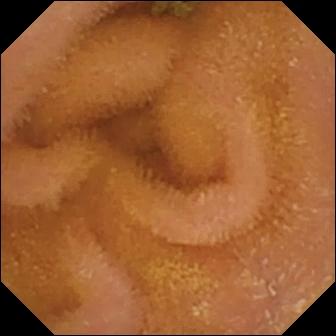- modality: capsule endoscopy
- segment: small intestine
- impression: normal clean mucosa